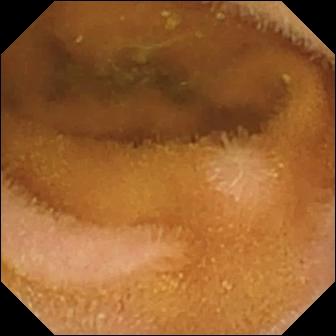Normal clean mucosa (336×336).